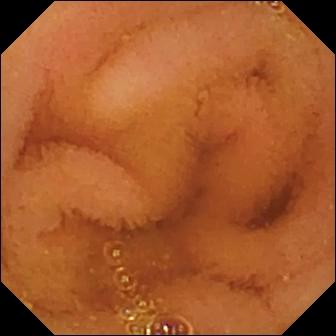This video capsule endoscopy still of the small intestine shows normal clean mucosa.